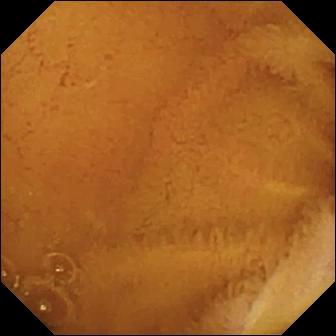Normal clean mucosa — video capsule endoscopy snapshot.